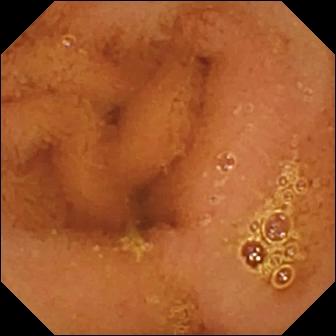This wireless capsule endoscopy view shows normal clean mucosa.